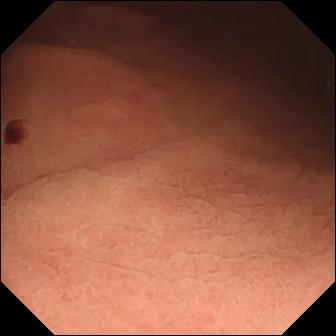{"modality": "WCE", "category": "luminal finding", "finding": "angiectasia"}